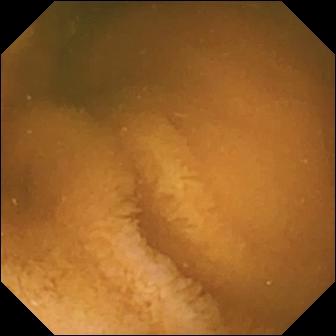modality: video capsule endoscopy | impression: normal clean mucosa